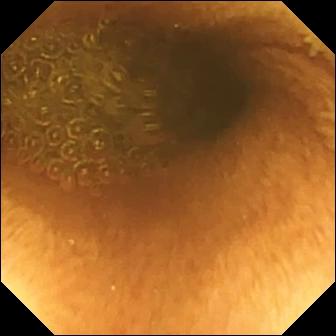Wireless capsule endoscopy still, small bowel
Label: reduced mucosal view (content or bubbles obscuring the mucosa)